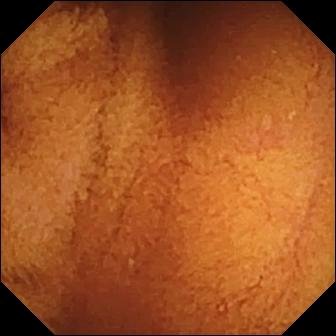WCE frame of the small intestine showing normal clean mucosa.